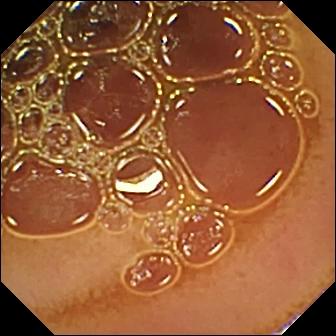Normal clean mucosa — video capsule endoscopy view.